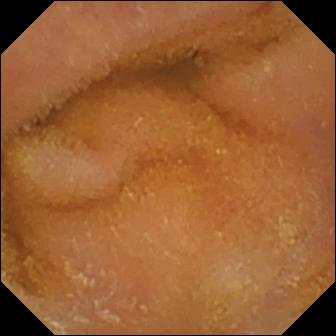This small-bowel capsule endoscopy view of the small intestine shows normal clean mucosa.